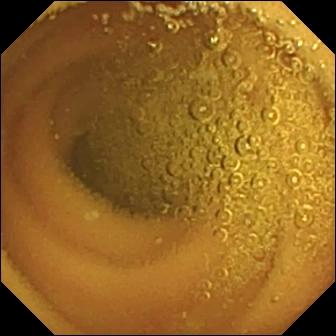WCE — normal clean mucosa.